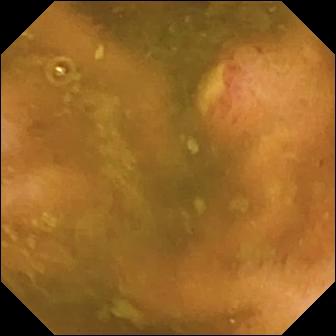- modality: WCE
- impression: ulcer